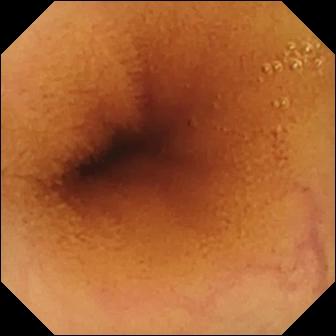Small-bowel capsule endoscopy. Small bowel. Label: normal clean mucosa.